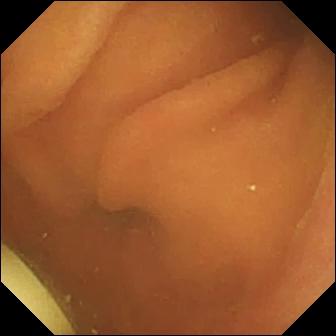Small-bowel capsule endoscopy image
Label: foreign body (e.g. retained capsule, tablet residue)